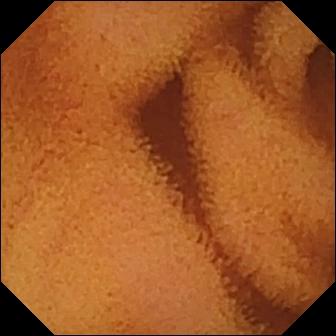PROCEDURE: VCE.
FINDINGS: Normal clean mucosa.